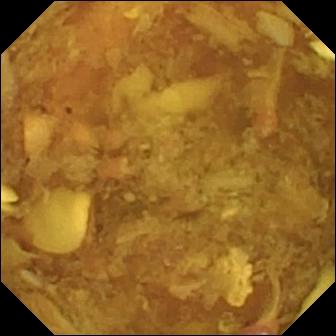{"modality": "capsule endoscopy", "finding": "reduced mucosal view (content or bubbles obscuring the mucosa)"}